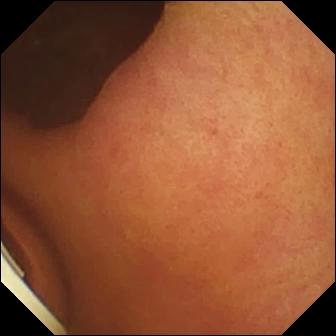{"modality": "capsule endoscopy", "category": "luminal finding", "finding": "foreign body (e.g. retained capsule, tablet residue)"}